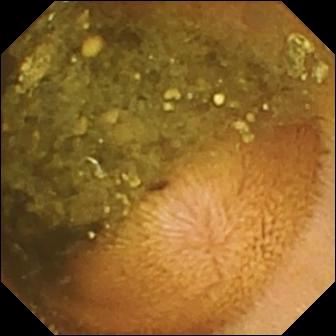{"modality": "VCE", "segment": "small bowel", "finding": "reduced mucosal view (content or bubbles obscuring the mucosa)"}